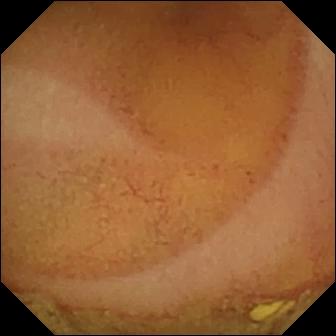Normal clean mucosa (336×336).